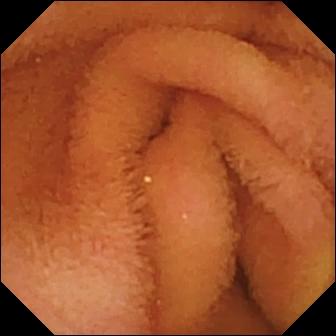- modality: video capsule endoscopy
- category: luminal finding
- observation: normal clean mucosa